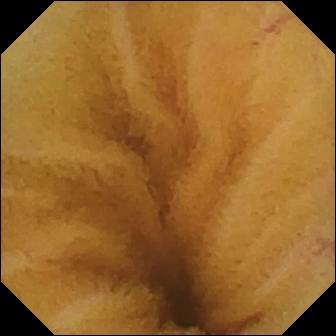WCE. Finding: normal clean mucosa.